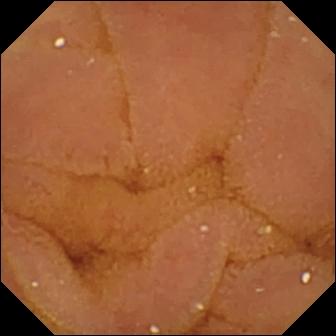VCE — normal clean mucosa.